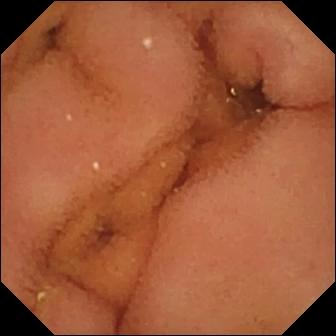Small-bowel capsule endoscopy. Small intestine. Finding: normal clean mucosa.